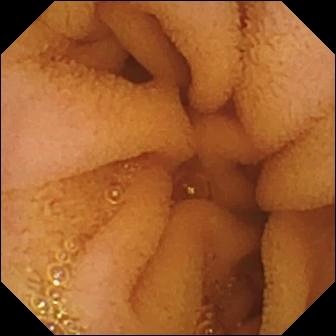This VCE frame shows normal clean mucosa.